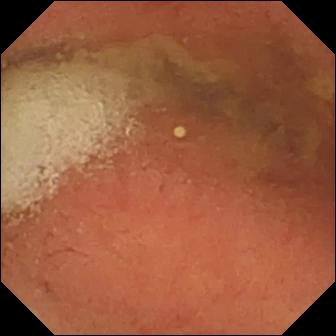VCE view taken in the pylorus region.